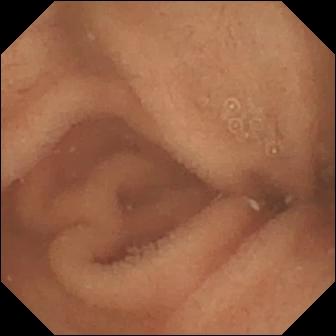WCE. Finding: normal clean mucosa.